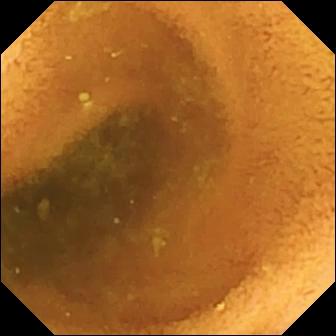modality: WCE | impression: normal clean mucosa